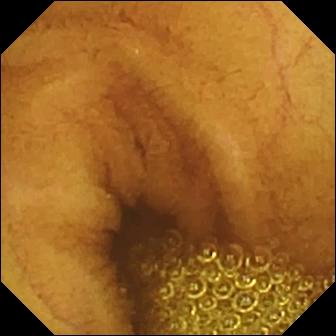VCE — normal clean mucosa.